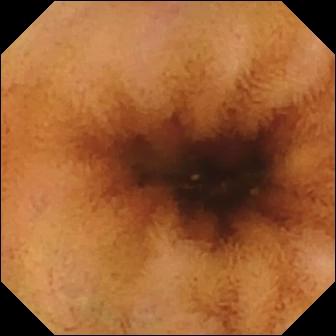PROCEDURE: Wireless capsule endoscopy.
SEGMENT: Small bowel.
FINDINGS: Normal clean mucosa.